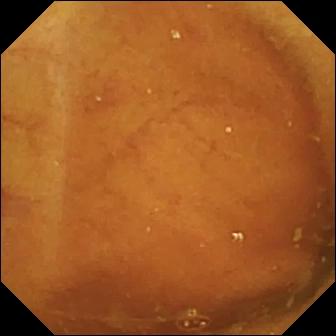- modality: small-bowel capsule endoscopy
- position: ileo-cecal valve region